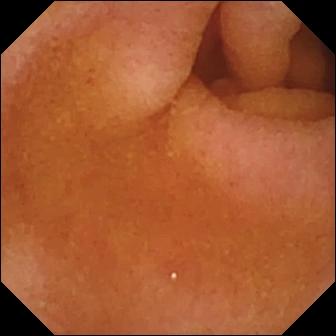- modality: capsule endoscopy
- location: pylorus region